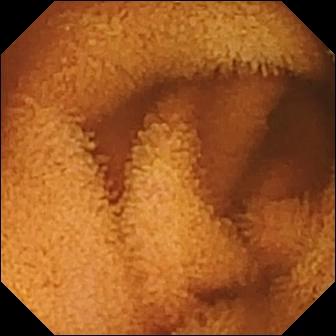{"modality": "small-bowel capsule endoscopy", "finding": "normal clean mucosa"}